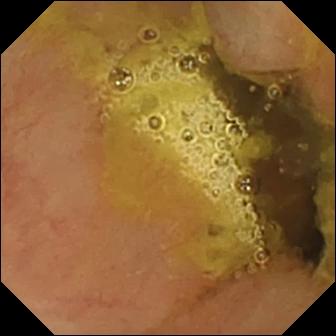WCE. Near an anatomical landmark. Video segment: ileo-cecal valve region (where the capsule passes from the small bowel into the large bowel).